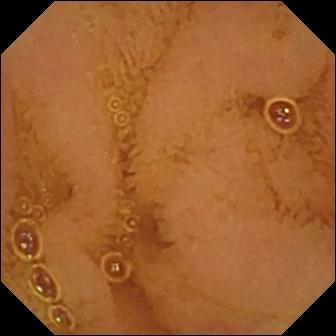Q: What does this capsule endoscopy snapshot of the small intestine show?
A: Normal clean mucosa.